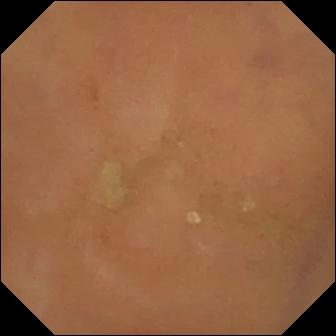This VCE still of the small bowel shows normal clean mucosa.